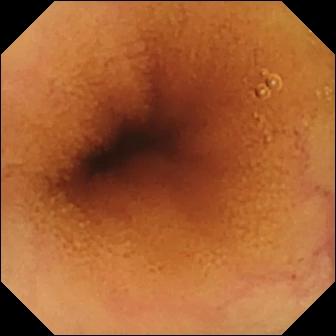Q: What does this WCE still show?
A: Normal clean mucosa.